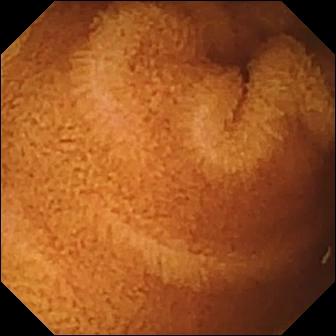Small-bowel capsule endoscopy image (small bowel). Normal clean mucosa.